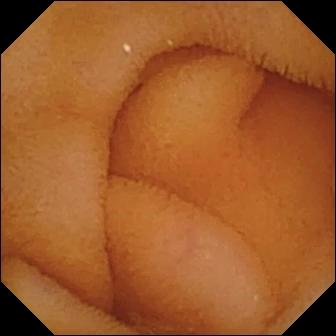modality: wireless capsule endoscopy | segment: small bowel | label: normal clean mucosa